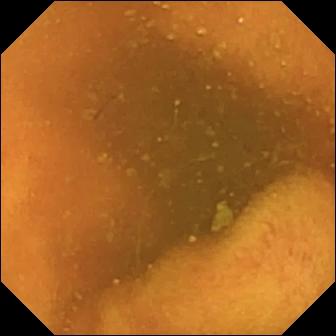- modality: video capsule endoscopy
- segment: small bowel
- finding: normal clean mucosa